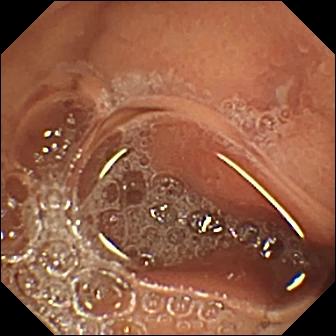Erosion — small-bowel capsule endoscopy still.